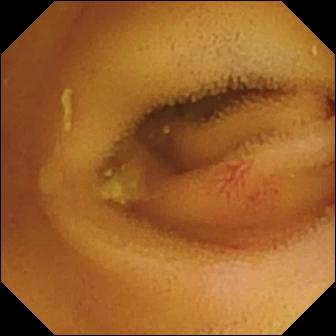This VCE view shows angiectasia.